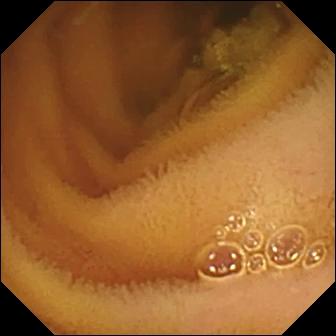modality: VCE | segment: small bowel | category: luminal finding | observation: normal clean mucosa